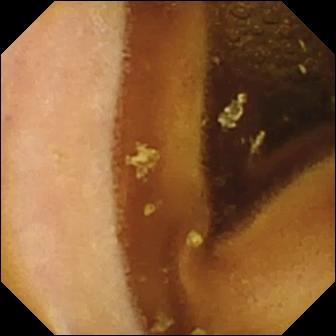modality: VCE
category: luminal finding
label: normal clean mucosa